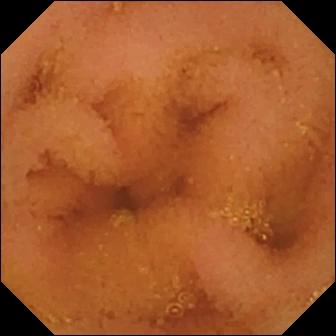Video capsule endoscopy view of the small intestine showing normal clean mucosa.